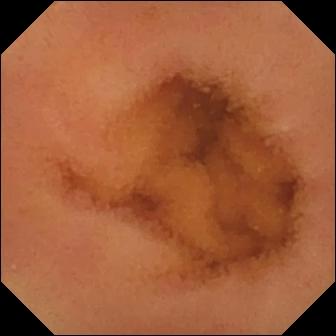This video capsule endoscopy snapshot shows normal clean mucosa.